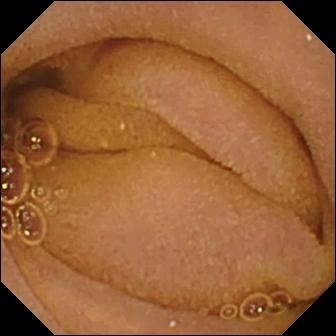This video capsule endoscopy snapshot of the small intestine shows normal clean mucosa.